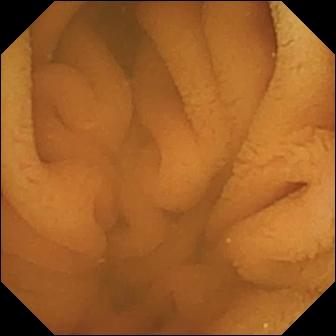PROCEDURE: Wireless capsule endoscopy.
FINDINGS: Normal clean mucosa.